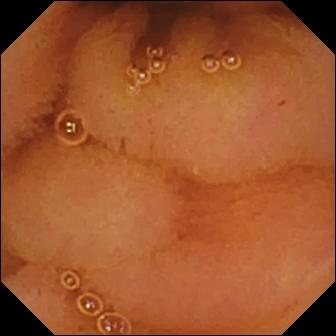Video capsule endoscopy view. Normal clean mucosa.